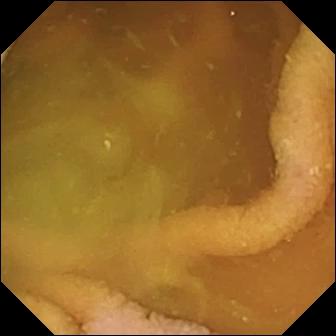Q: What does this video capsule endoscopy view show?
A: Normal clean mucosa.